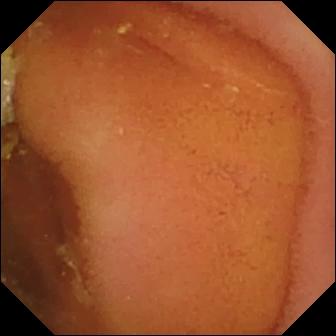PROCEDURE: Small-bowel capsule endoscopy.
SEGMENT: Small bowel.
FINDINGS: Normal clean mucosa.